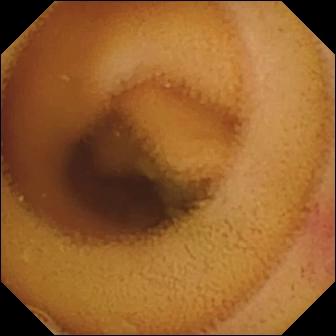This VCE snapshot shows angiectasia.